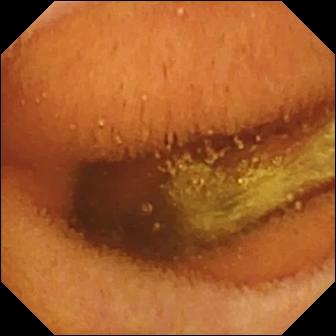modality: capsule endoscopy | segment: small bowel | category: luminal finding | observation: normal clean mucosa